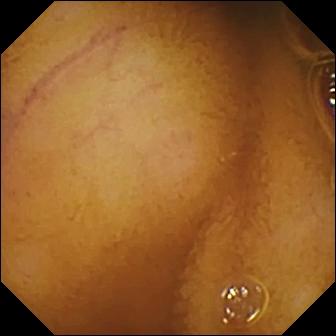- modality: small-bowel capsule endoscopy
- category: luminal finding
- finding: normal clean mucosa